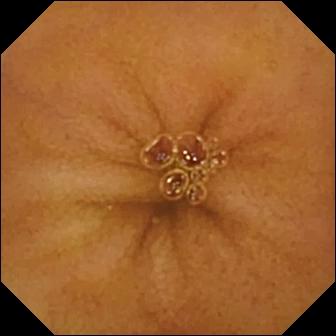Wireless capsule endoscopy snapshot showing normal clean mucosa.